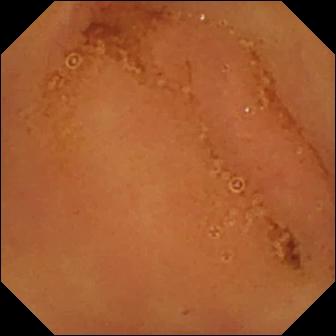WCE still showing normal clean mucosa.